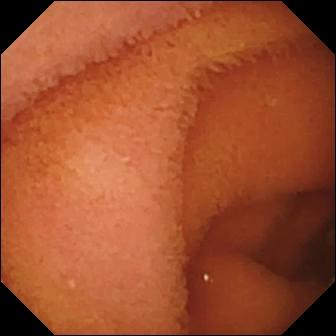VCE image
Observation: normal clean mucosa